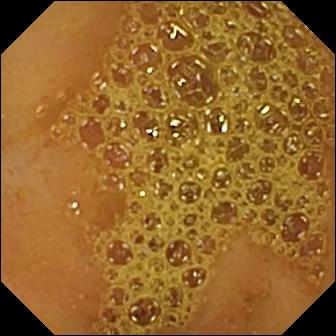Q: Where in the digestive tract was this wireless capsule endoscopy view taken?
A: Ileo-cecal valve region.